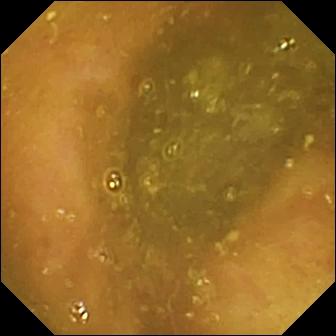Capsule endoscopy still, 336×336. Reduced mucosal view (content or bubbles obscuring the mucosa).